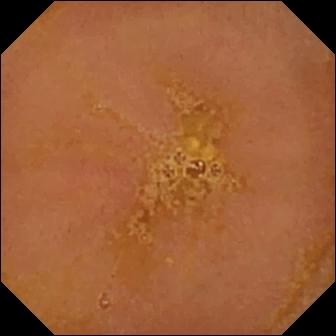PROCEDURE: WCE.
FINDINGS: Reduced mucosal view (content or bubbles obscuring the mucosa).